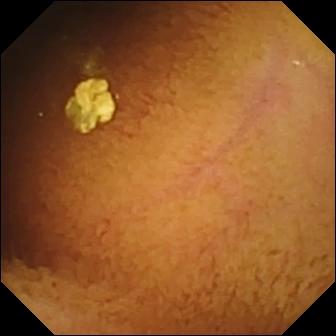PROCEDURE: VCE.
FINDINGS: Normal clean mucosa.